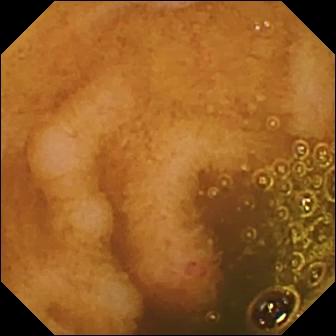Erosion (336×336).